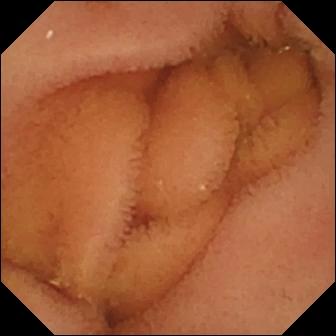Normal clean mucosa.